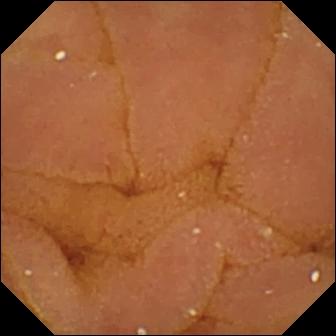{"modality": "small-bowel capsule endoscopy", "finding": "normal clean mucosa"}